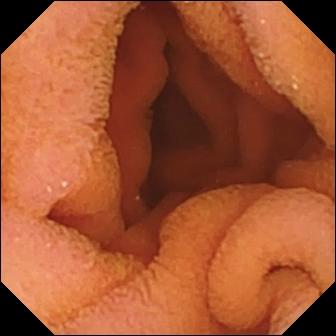VCE. Small intestine. Label: normal clean mucosa.